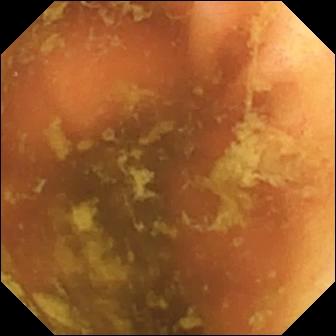Wireless capsule endoscopy frame
Label: ileo-cecal valve region (the transition from the small bowel to the large bowel)